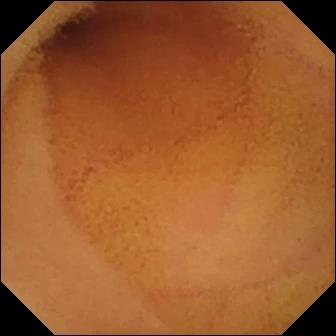VCE snapshot, small intestine
Label: normal clean mucosa